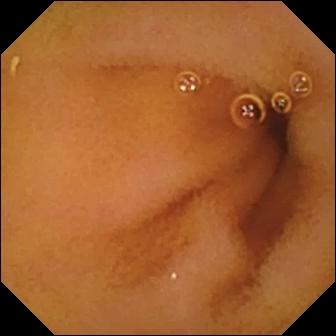- modality: VCE
- segment: small intestine
- category: luminal finding
- observation: normal clean mucosa